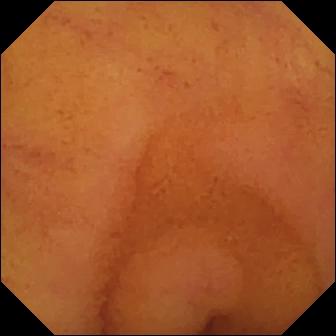This small-bowel capsule endoscopy snapshot of the small bowel shows normal clean mucosa.